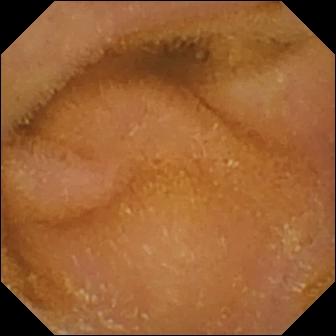Small-bowel capsule endoscopy snapshot of the small bowel showing normal clean mucosa.